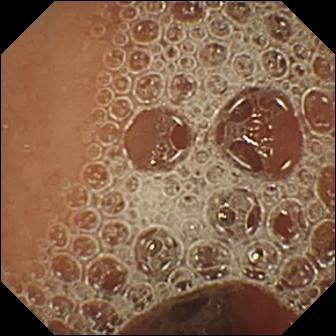Wireless capsule endoscopy — normal clean mucosa.